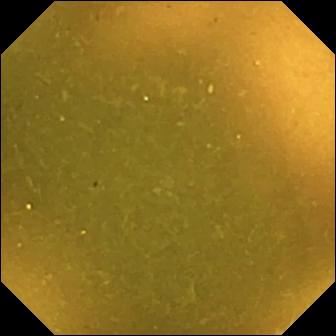{"modality": "small-bowel capsule endoscopy", "category": "anatomical landmark", "video_segment": "ileo-cecal valve region"}